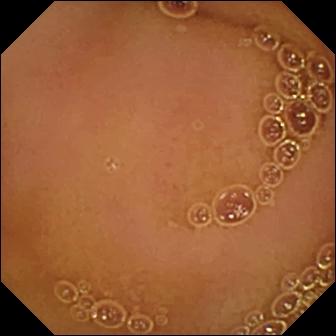- modality: WCE
- label: normal clean mucosa